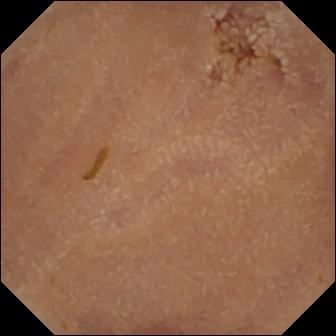{"modality": "wireless capsule endoscopy", "finding": "normal clean mucosa"}